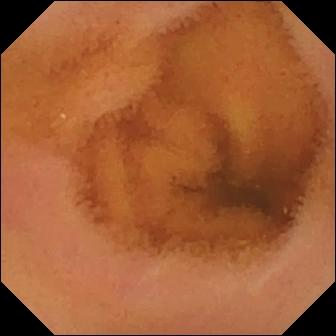WCE. Luminal finding. Label: normal clean mucosa.